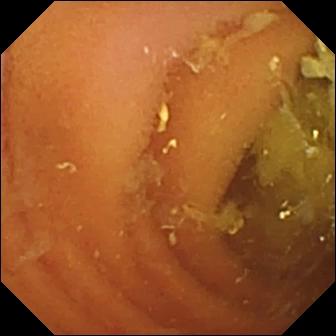{"modality": "small-bowel capsule endoscopy", "finding": "normal clean mucosa"}